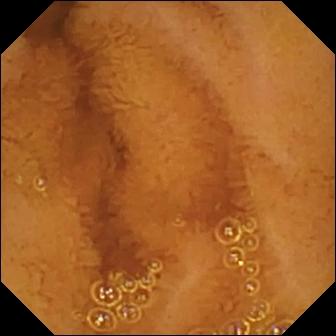Video capsule endoscopy. Label: normal clean mucosa.